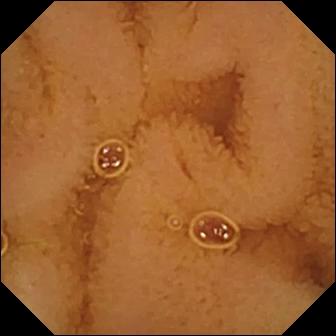Normal clean mucosa — WCE view of the small intestine.